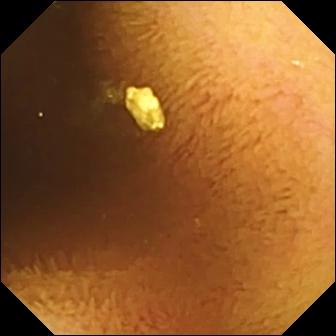{"modality": "small-bowel capsule endoscopy", "finding": "normal clean mucosa"}